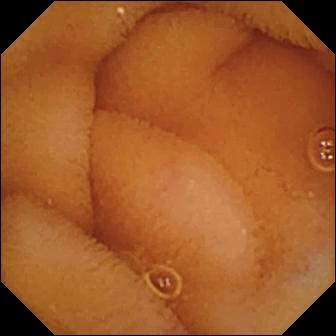VCE image showing normal clean mucosa.